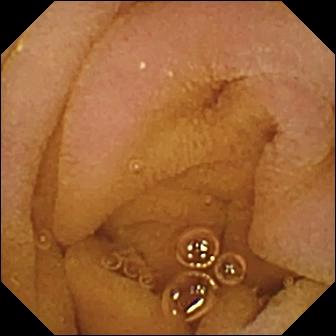{"modality": "VCE", "finding": "normal clean mucosa"}